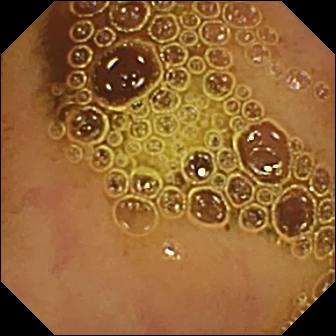modality: small-bowel capsule endoscopy; impression: normal clean mucosa